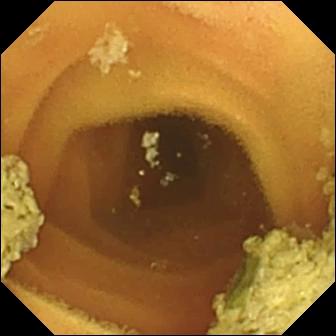This video capsule endoscopy frame shows normal clean mucosa.